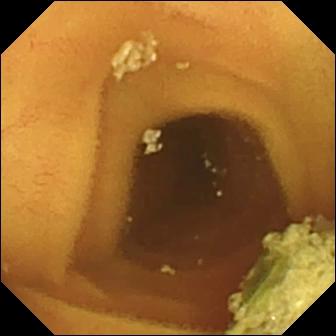modality: VCE
impression: normal clean mucosa